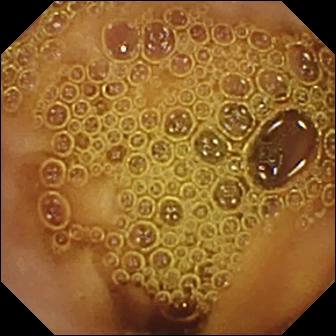This WCE view of the small bowel shows normal clean mucosa.